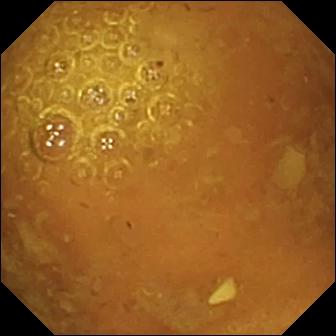Reduced mucosal view (content or bubbles obscuring the mucosa).